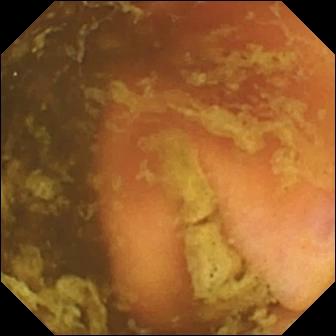- modality: wireless capsule endoscopy
- location: ileo-cecal valve region (where the capsule passes from the small bowel into the large bowel)